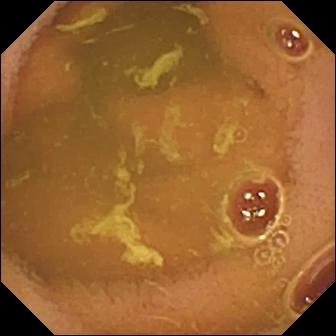Capsule endoscopy — normal clean mucosa.